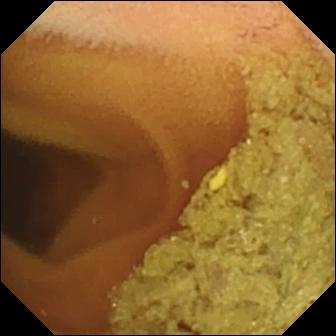modality: video capsule endoscopy | category: luminal finding | observation: normal clean mucosa